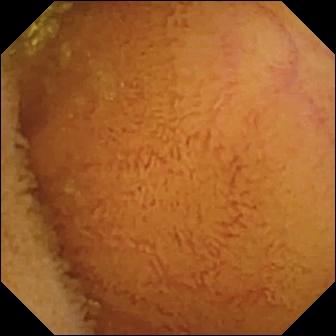{"modality": "WCE", "segment": "small bowel", "finding": "normal clean mucosa"}